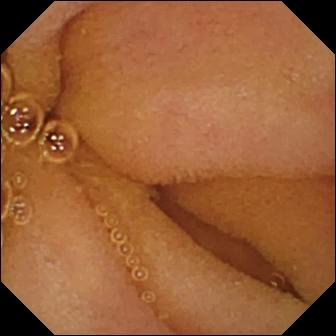{"modality": "wireless capsule endoscopy", "segment": "small bowel", "category": "luminal finding", "finding": "normal clean mucosa"}